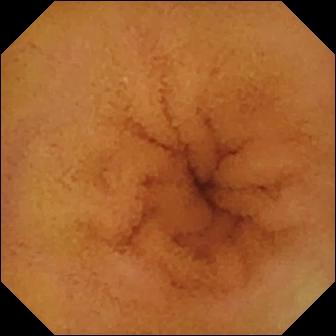- modality: video capsule endoscopy
- observation: normal clean mucosa